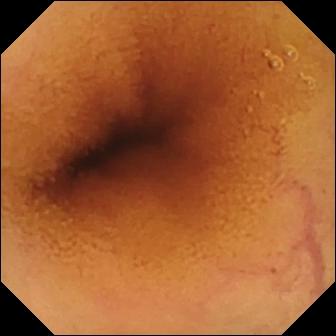modality: VCE | category: luminal finding | finding: normal clean mucosa